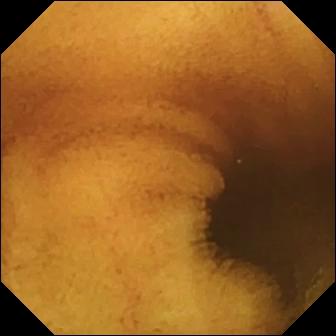PROCEDURE: VCE.
SEGMENT: Small intestine.
FINDINGS: Normal clean mucosa.